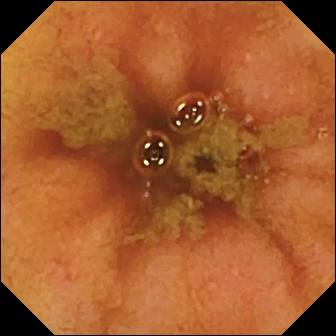VCE. Position: ileo-cecal valve region.